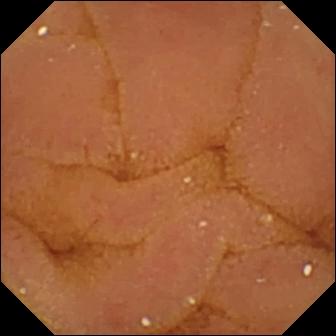Normal clean mucosa — video capsule endoscopy view.